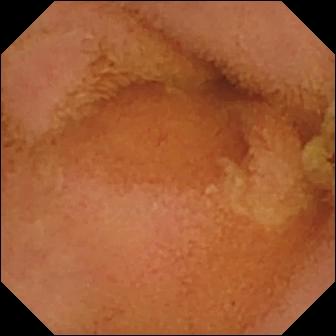VCE. Impression: normal clean mucosa.